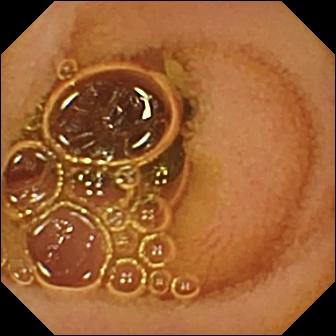PROCEDURE: Capsule endoscopy.
SEGMENT: Small bowel.
FINDINGS: Normal clean mucosa.